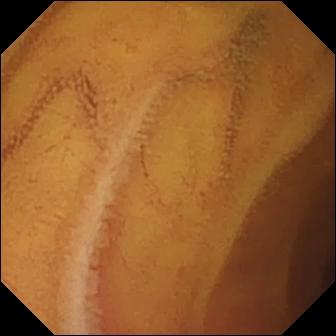Capsule endoscopy. Small bowel. Label: normal clean mucosa.